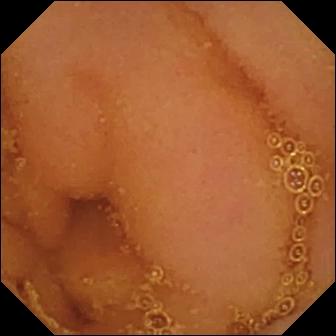Q: What does this capsule endoscopy frame of the small bowel show?
A: Normal clean mucosa.